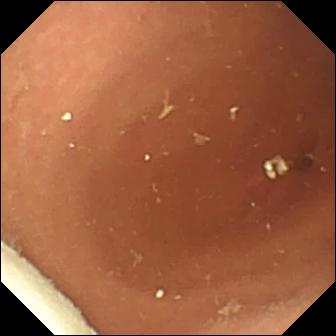Video capsule endoscopy. Impression: foreign body (e.g. retained capsule, tablet residue).